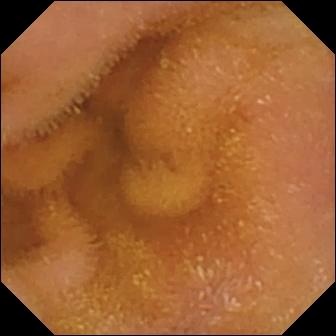Normal clean mucosa — WCE snapshot of the small intestine.